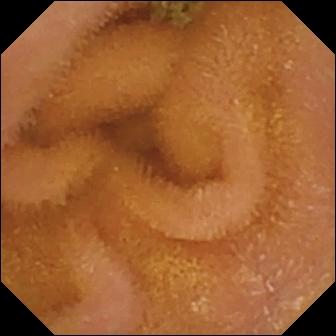WCE — normal clean mucosa.